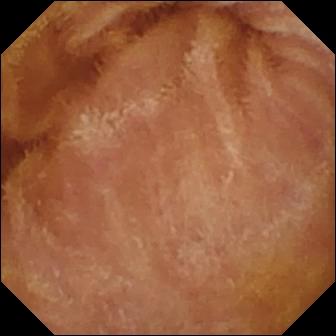{"modality": "capsule endoscopy", "segment": "small bowel", "finding": "normal clean mucosa"}